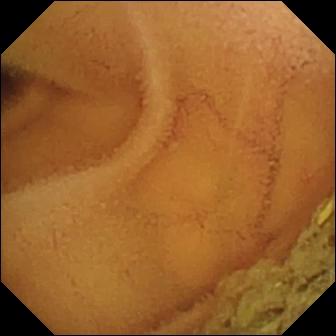WCE still, 336×336. Normal clean mucosa.